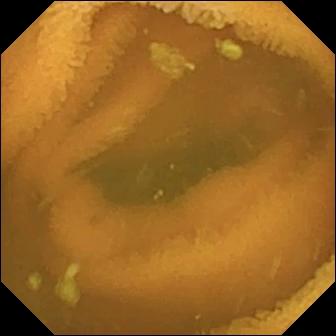WCE snapshot (small bowel). Normal clean mucosa.